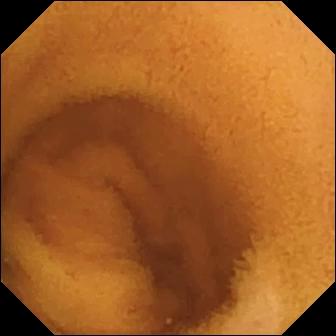Normal clean mucosa.